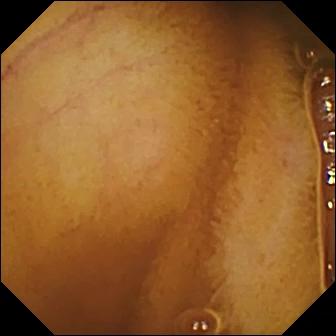- modality: capsule endoscopy
- segment: small intestine
- finding: normal clean mucosa